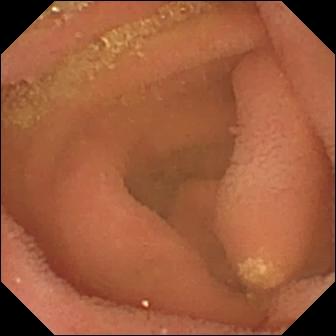WCE view
Impression: lymphangiectasia